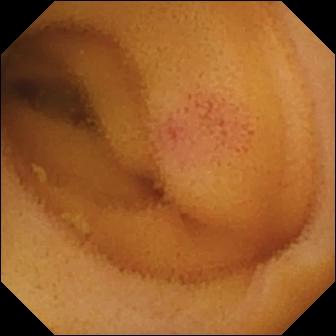Wireless capsule endoscopy — angiectasia.